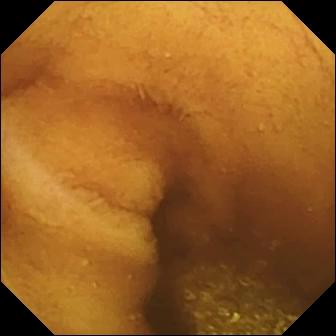Video capsule endoscopy view. Normal clean mucosa.